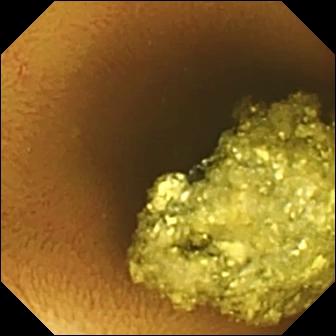This WCE snapshot shows normal clean mucosa.